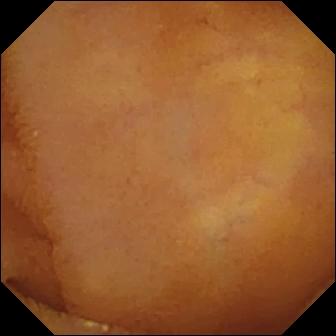Normal clean mucosa.